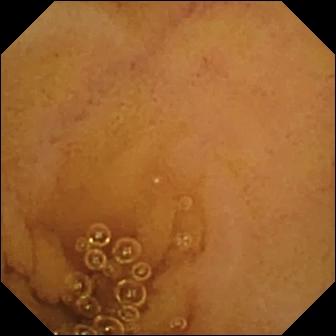modality: video capsule endoscopy
segment: small intestine
observation: normal clean mucosa